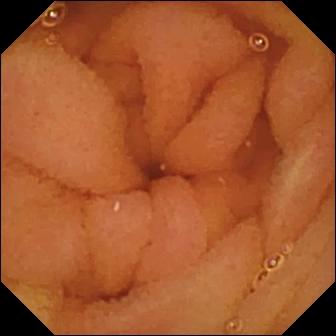modality: wireless capsule endoscopy | observation: normal clean mucosa